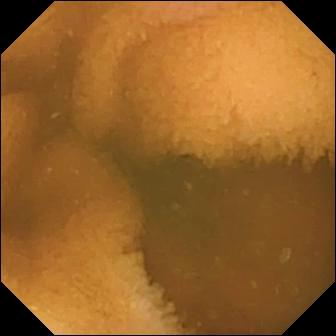Video capsule endoscopy. Small intestine. Finding: normal clean mucosa.